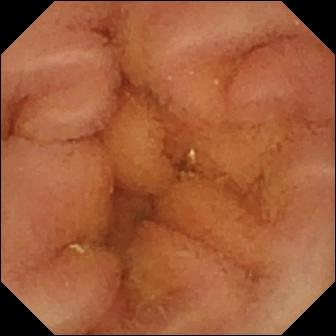modality: video capsule endoscopy
segment: small intestine
impression: normal clean mucosa